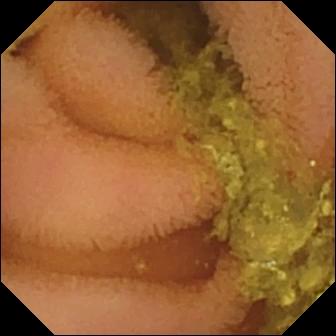Wireless capsule endoscopy snapshot. Normal clean mucosa.